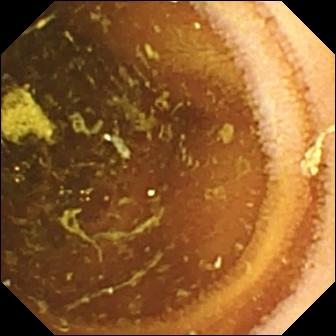Small-bowel capsule endoscopy snapshot. Normal clean mucosa.